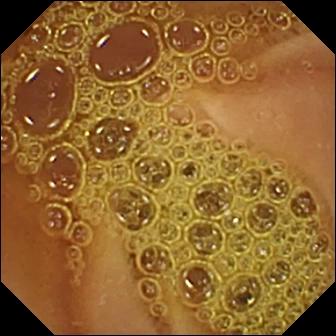- modality: WCE
- finding: normal clean mucosa